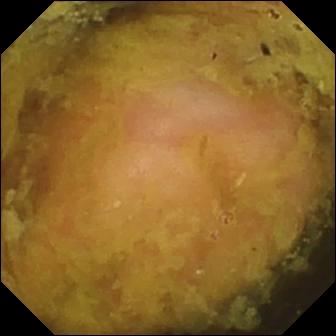Small-bowel capsule endoscopy image. Taken in the ileo-cecal valve region (where the capsule passes from the small bowel into the large bowel).